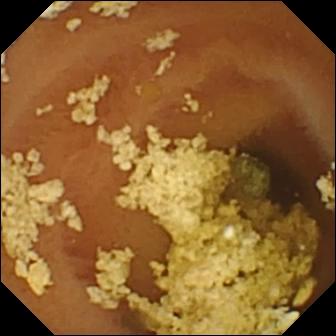Small-bowel capsule endoscopy snapshot of the small bowel showing normal clean mucosa.